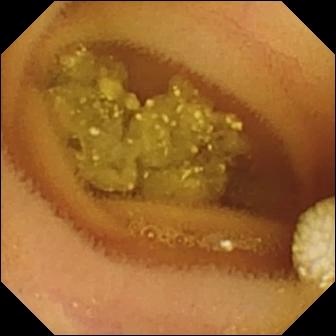Wireless capsule endoscopy image. Lymphangiectasia.